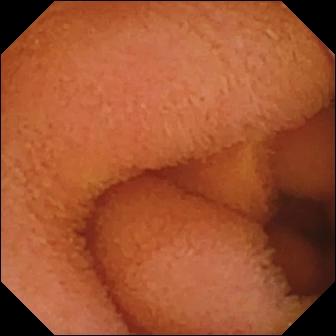This small-bowel capsule endoscopy still of the small bowel shows normal clean mucosa.